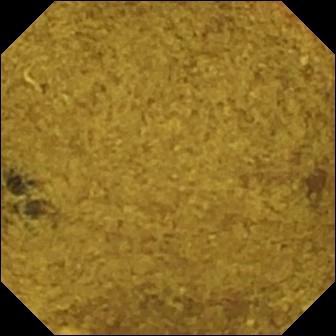Video capsule endoscopy view taken in the ileo-cecal valve region (where the capsule passes from the small bowel into the large bowel).